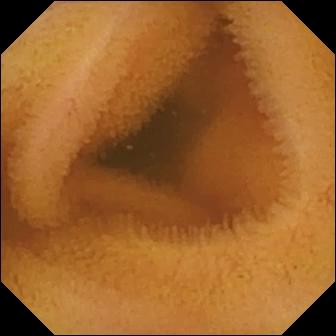Normal clean mucosa.